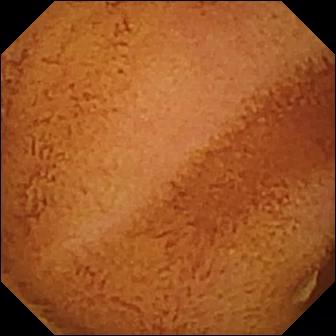Normal clean mucosa (336×336).